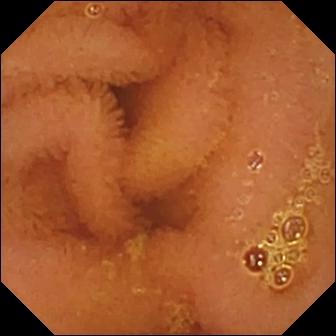This small-bowel capsule endoscopy image shows normal clean mucosa.